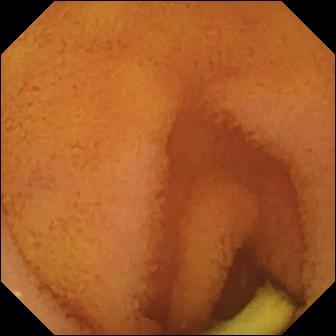Q: What does this VCE view of the small bowel show?
A: Normal clean mucosa.